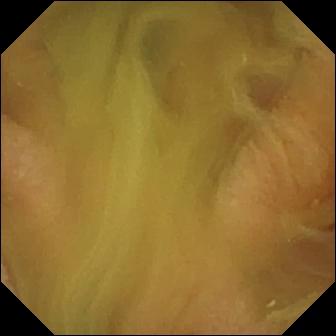WCE image, small intestine
Label: normal clean mucosa